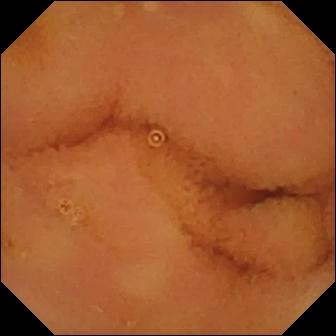PROCEDURE: Video capsule endoscopy.
FINDINGS: Normal clean mucosa.